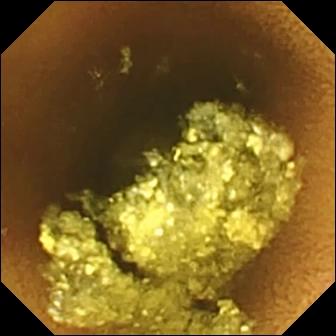VCE — normal clean mucosa.